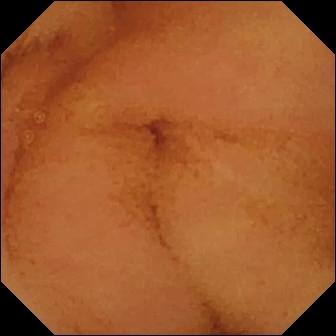Normal clean mucosa (336×336).